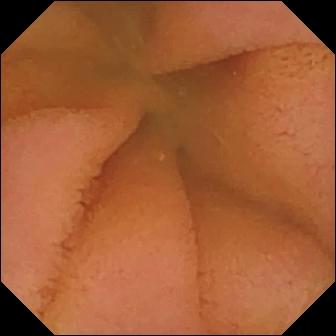{"modality": "VCE", "finding": "normal clean mucosa"}